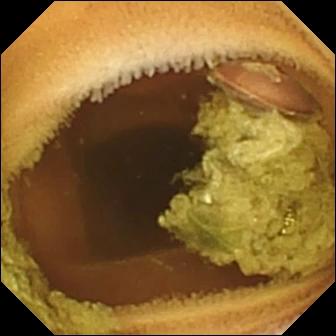modality: WCE; category: luminal finding; finding: normal clean mucosa